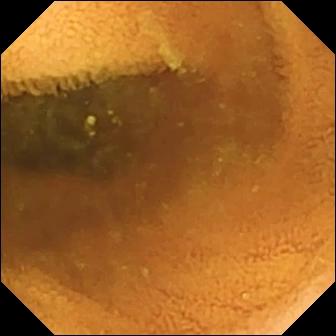{"modality": "WCE", "segment": "small intestine", "finding": "normal clean mucosa"}